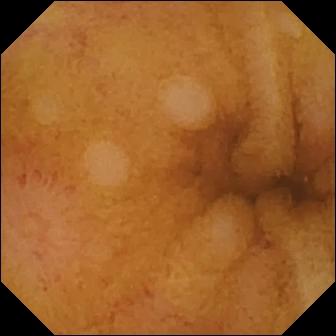PROCEDURE: VCE.
FINDINGS: Erosion.